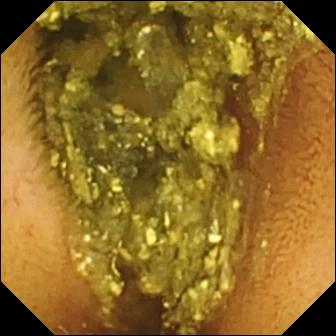VCE — normal clean mucosa.